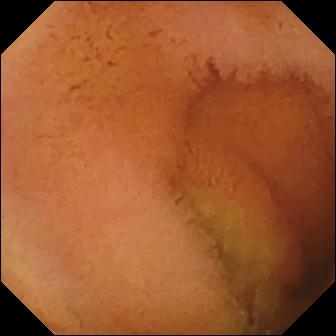WCE. Small bowel. Observation: normal clean mucosa.